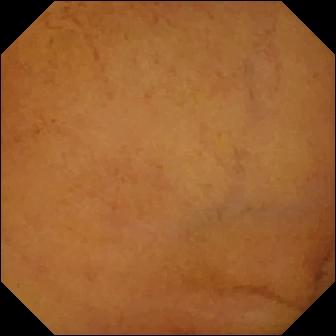This VCE view shows normal clean mucosa.